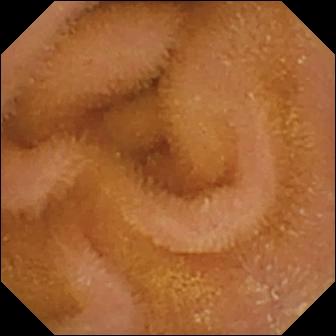PROCEDURE: WCE.
FINDINGS: Normal clean mucosa.